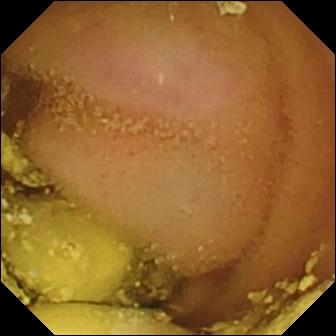Wireless capsule endoscopy view. Foreign body (e.g. retained capsule, tablet residue).